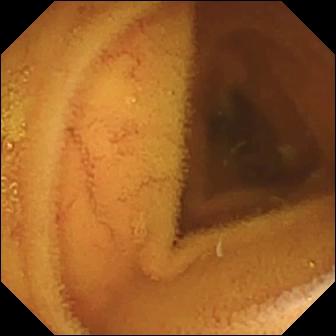modality: video capsule endoscopy
segment: small intestine
category: luminal finding
label: normal clean mucosa